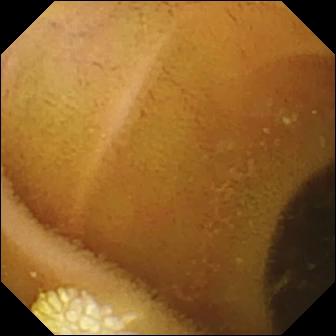VCE. Luminal finding. Observation: lymphangiectasia.